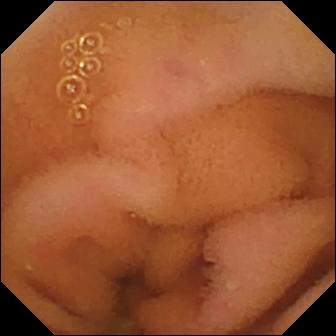VCE snapshot (small bowel), 336×336. Normal clean mucosa.